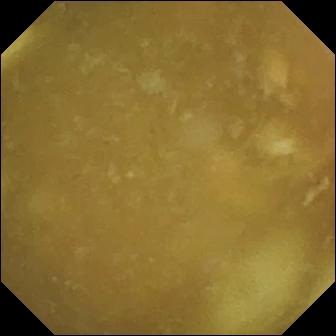This video capsule endoscopy view was taken in the ileo-cecal valve region (where the capsule passes from the small bowel into the large bowel).